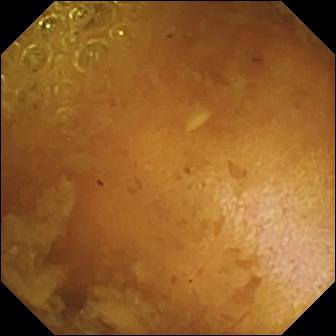- modality: wireless capsule endoscopy
- category: luminal finding
- finding: reduced mucosal view (content or bubbles obscuring the mucosa)